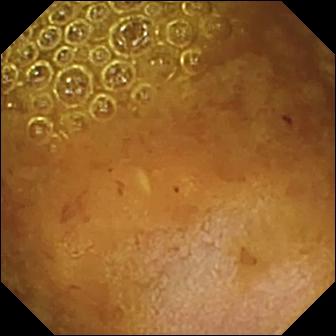Wireless capsule endoscopy still showing reduced mucosal view (content or bubbles obscuring the mucosa).